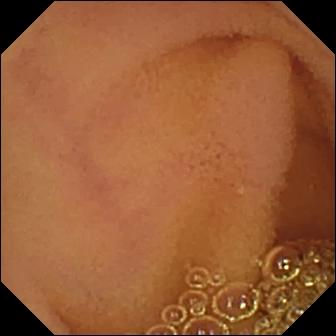Q: What does this capsule endoscopy snapshot of the small bowel show?
A: Normal clean mucosa.